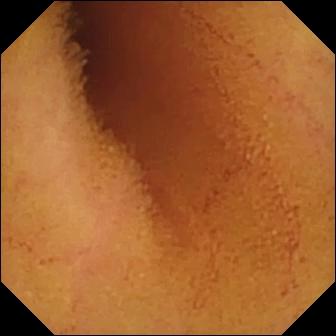Normal clean mucosa — wireless capsule endoscopy snapshot.